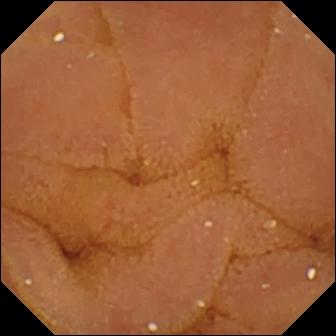Small-bowel capsule endoscopy view, small bowel
Impression: normal clean mucosa